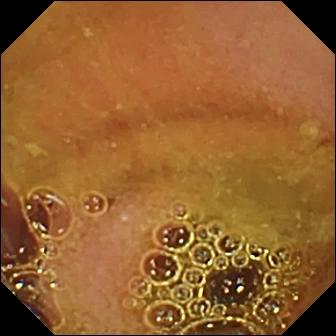PROCEDURE: Video capsule endoscopy.
SEGMENT: Small intestine.
FINDINGS: Normal clean mucosa.